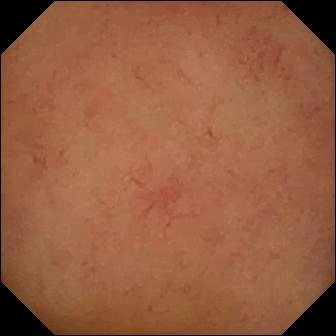This VCE still shows normal clean mucosa.